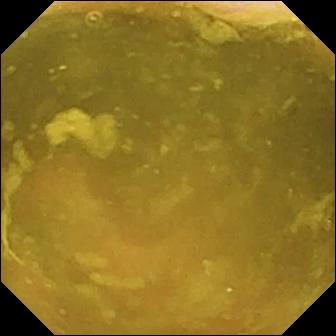- modality: wireless capsule endoscopy
- category: anatomical landmark
- location: ileo-cecal valve region (the transition from the small bowel to the large bowel)